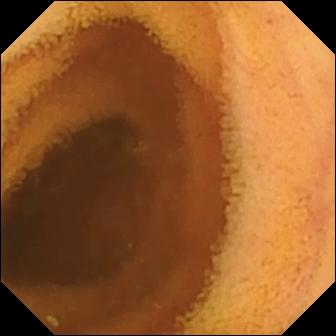Video capsule endoscopy. Small intestine. Observation: normal clean mucosa.